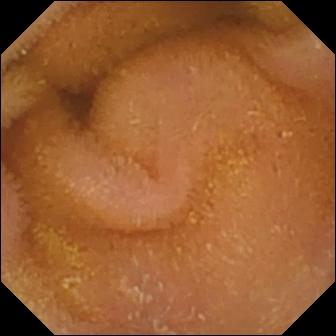Small-bowel capsule endoscopy frame of the small intestine showing normal clean mucosa.